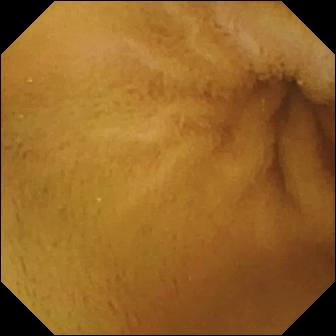modality: capsule endoscopy
impression: normal clean mucosa